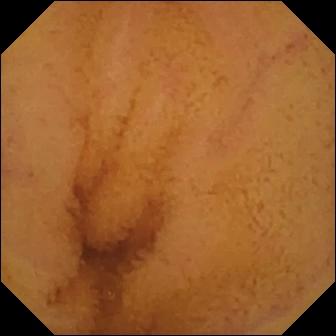- modality: VCE
- segment: small bowel
- label: normal clean mucosa